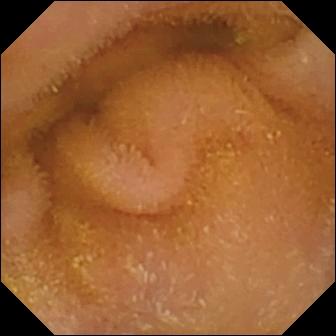Wireless capsule endoscopy frame (small intestine). Normal clean mucosa.